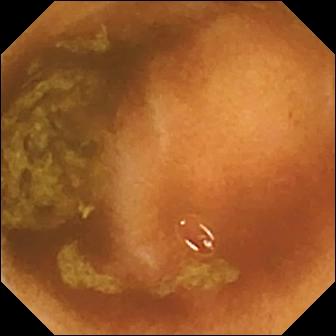Normal clean mucosa — VCE view.